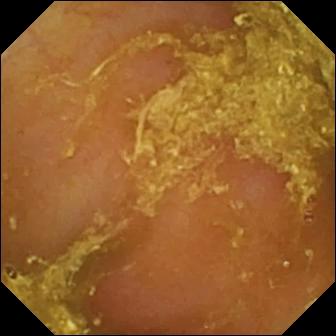Capsule endoscopy — reduced mucosal view (content or bubbles obscuring the mucosa).